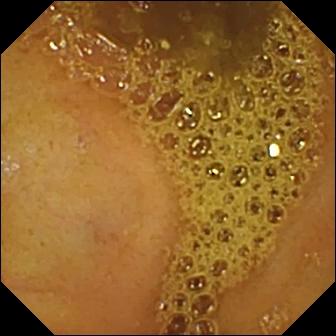Ileo-cecal valve region, 336×336.